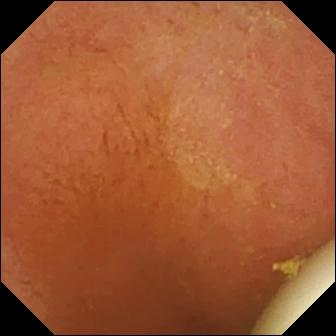Q: What does this WCE view show?
A: Foreign body (e.g. retained capsule, tablet residue).